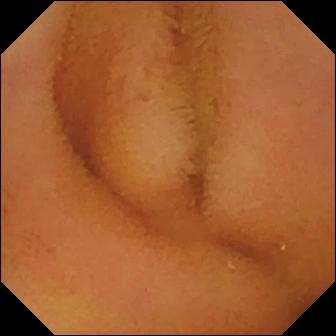This capsule endoscopy image of the small intestine shows normal clean mucosa.